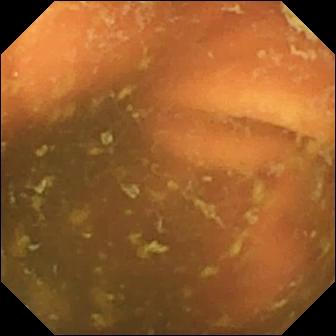Capsule endoscopy — ileo-cecal valve region.